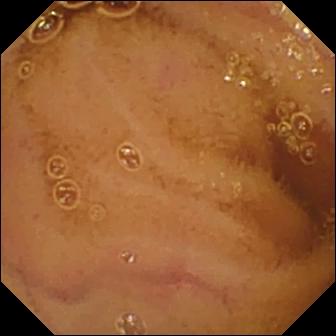{"modality": "video capsule endoscopy", "segment": "small intestine", "category": "luminal finding", "finding": "normal clean mucosa"}